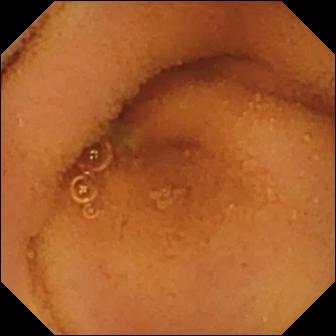{"modality": "WCE", "segment": "small intestine", "category": "luminal finding", "finding": "normal clean mucosa"}